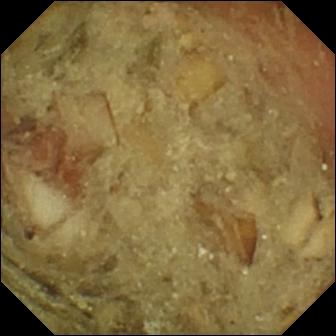Q: Where in the digestive tract was this video capsule endoscopy snapshot taken?
A: Pylorus region (where the capsule passes from the stomach into the small bowel).